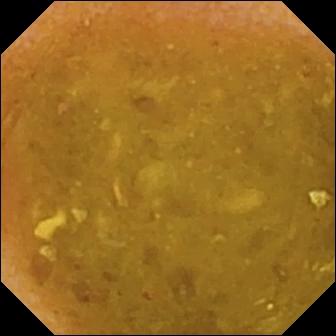- modality: capsule endoscopy
- label: reduced mucosal view (content or bubbles obscuring the mucosa)